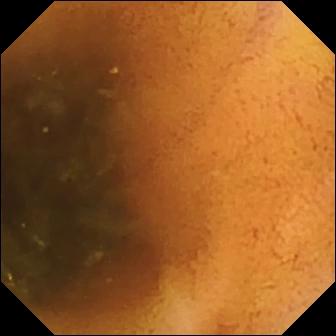VCE — normal clean mucosa.